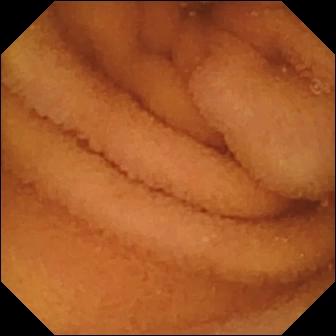Normal clean mucosa — small-bowel capsule endoscopy still.